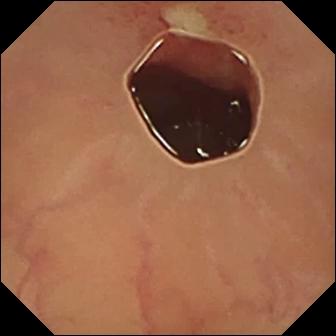{"modality": "capsule endoscopy", "finding": "ulcer"}